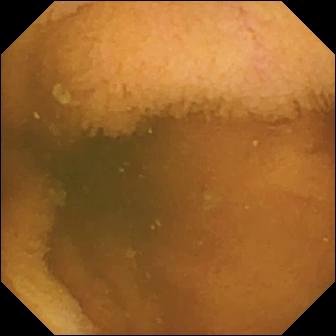This wireless capsule endoscopy image of the small intestine shows normal clean mucosa.